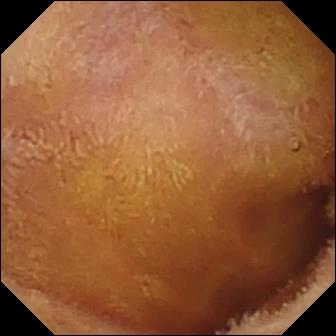VCE — normal clean mucosa.